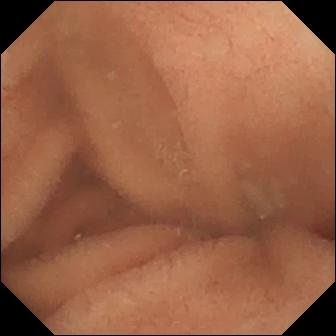This VCE still of the small intestine shows normal clean mucosa.